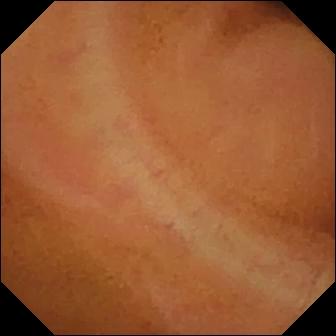WCE frame. Normal clean mucosa.